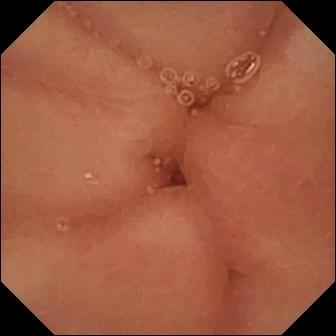Capsule endoscopy. Near an anatomical landmark. Video segment: pylorus region (where the capsule passes from the stomach into the small bowel).